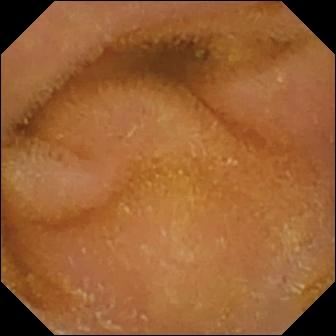Wireless capsule endoscopy — normal clean mucosa.